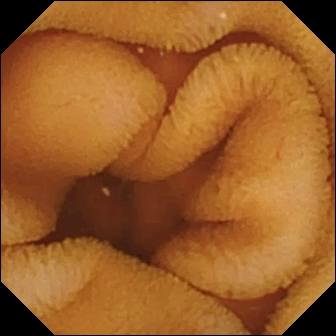Normal clean mucosa (336×336).